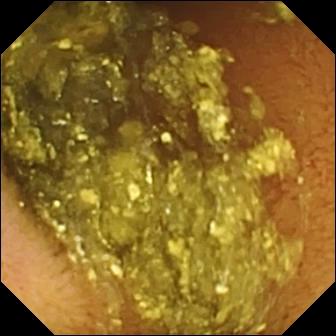WCE. Finding: normal clean mucosa.